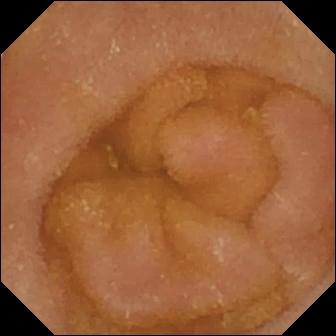modality: WCE | category: luminal finding | impression: normal clean mucosa